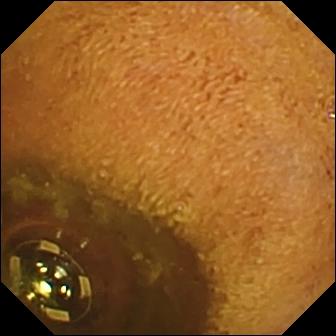Small-bowel capsule endoscopy view. Foreign body (e.g. retained capsule, tablet residue).